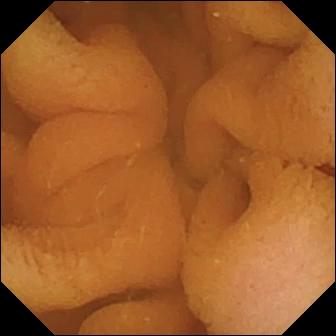WCE. Small bowel. Observation: normal clean mucosa.